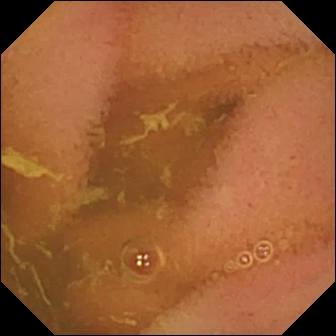VCE frame
Impression: normal clean mucosa